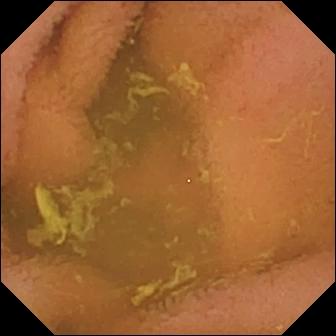{"modality": "video capsule endoscopy", "segment": "small intestine", "finding": "normal clean mucosa"}